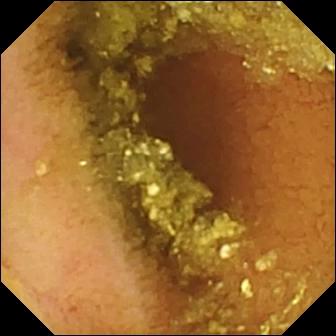Small-bowel capsule endoscopy. Small bowel. Impression: normal clean mucosa.